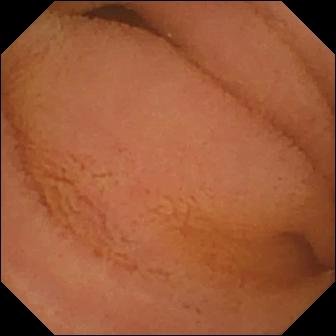modality: capsule endoscopy | segment: small intestine | label: normal clean mucosa